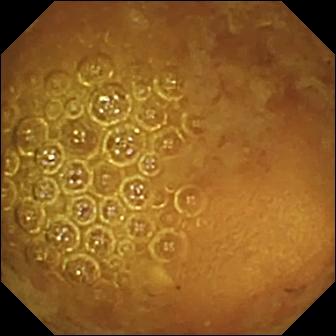modality: capsule endoscopy; segment: small intestine; finding: reduced mucosal view (content or bubbles obscuring the mucosa)